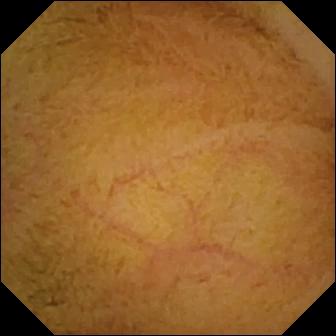{"modality": "VCE", "finding": "normal clean mucosa"}